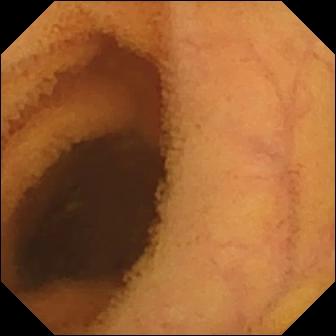Normal clean mucosa.